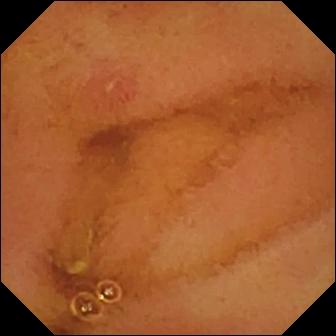Erosion — WCE snapshot.